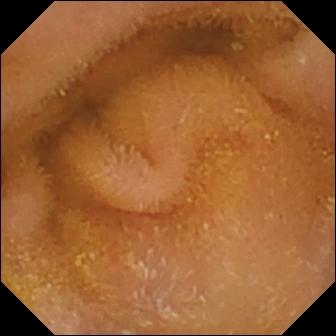{"modality": "capsule endoscopy", "segment": "small intestine", "category": "luminal finding", "finding": "normal clean mucosa"}